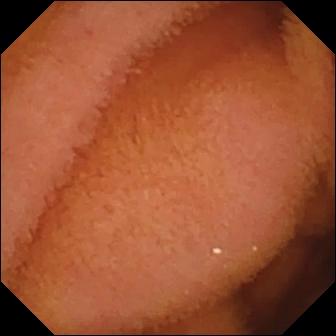{"modality": "video capsule endoscopy", "segment": "small intestine", "finding": "normal clean mucosa"}